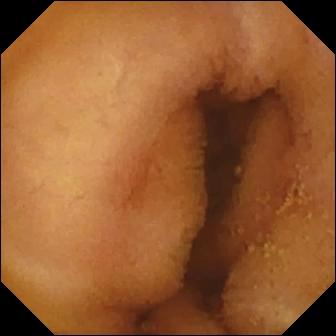VCE frame showing normal clean mucosa.